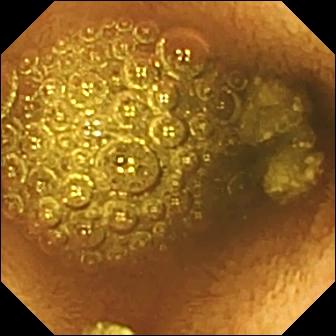Reduced mucosal view (content or bubbles obscuring the mucosa).